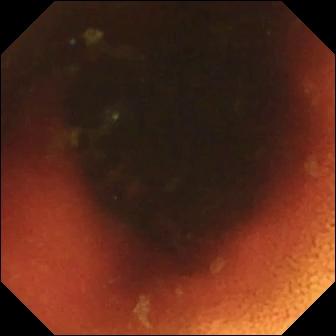PROCEDURE: Wireless capsule endoscopy.
POSITION: Ileo-cecal valve region.